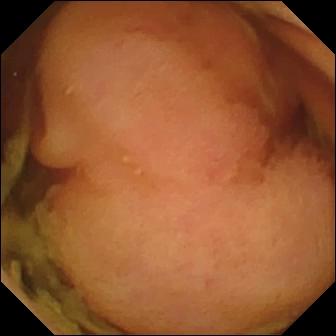Polyp — capsule endoscopy still.